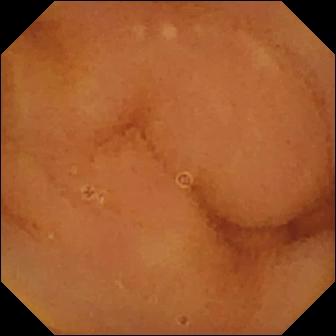modality: capsule endoscopy; segment: small intestine; observation: normal clean mucosa